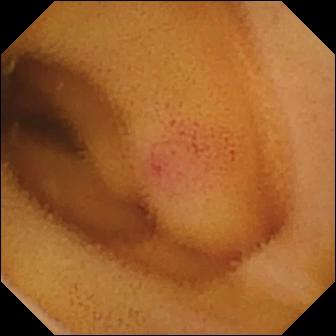This WCE frame shows angiectasia.